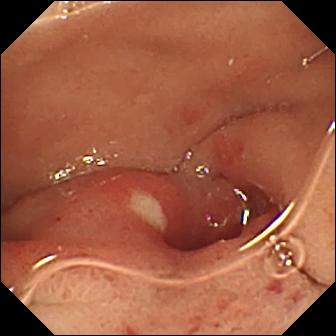Video capsule endoscopy image
Label: ulcer